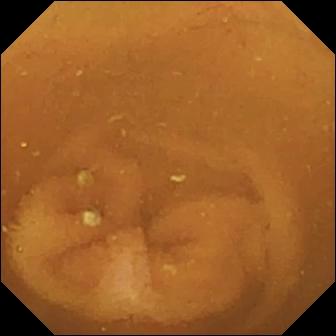- modality: video capsule endoscopy
- category: luminal finding
- observation: normal clean mucosa